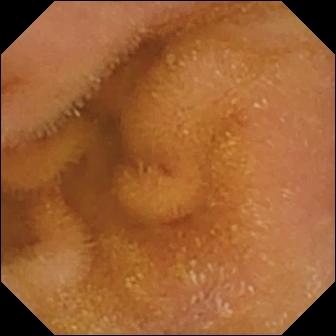modality: small-bowel capsule endoscopy
category: luminal finding
impression: normal clean mucosa